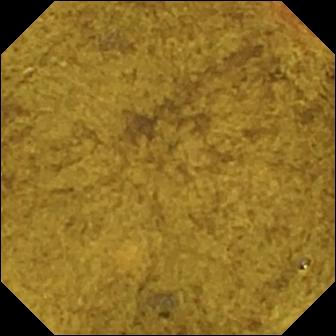This VCE snapshot was taken in the ileo-cecal valve region (where the capsule passes from the small bowel into the large bowel).